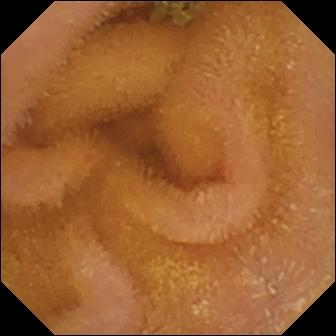WCE. Small intestine. Finding: normal clean mucosa.